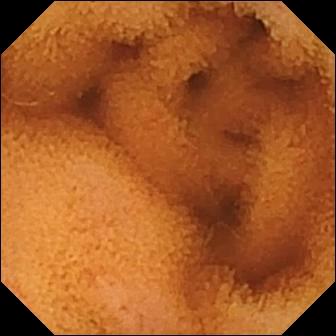Normal clean mucosa — capsule endoscopy view of the small bowel.